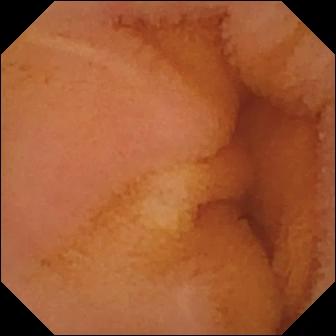Video capsule endoscopy. Small intestine. Label: normal clean mucosa.